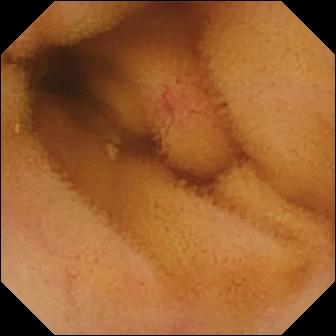Angiectasia.